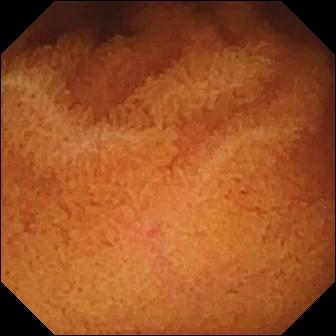Video capsule endoscopy frame of the small intestine showing normal clean mucosa.